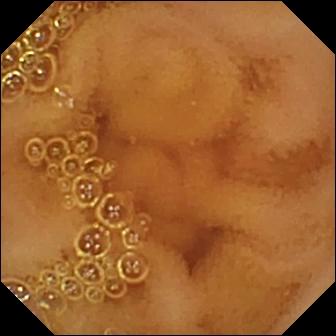Small-bowel capsule endoscopy image, 336×336. Normal clean mucosa.